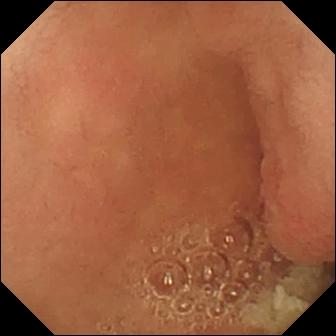- modality: WCE
- video segment: pylorus region (the junction between the stomach and the small bowel)